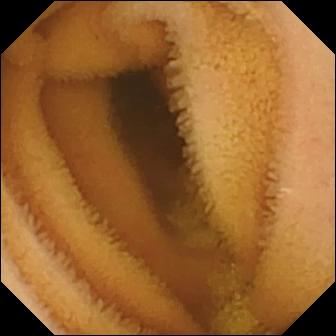VCE. Small intestine. Finding: normal clean mucosa.